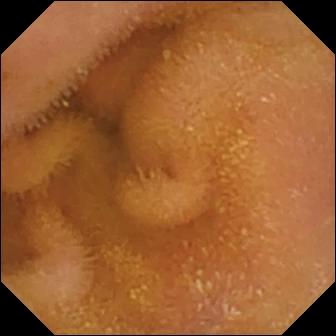{"modality": "video capsule endoscopy", "finding": "normal clean mucosa"}